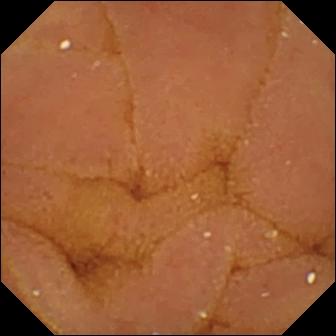This small-bowel capsule endoscopy view shows normal clean mucosa.